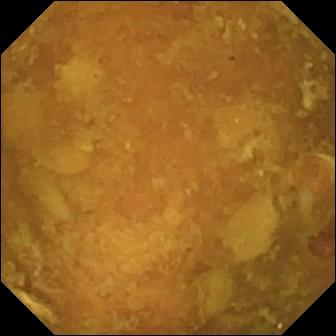modality: capsule endoscopy | category: luminal finding | label: reduced mucosal view (content or bubbles obscuring the mucosa)